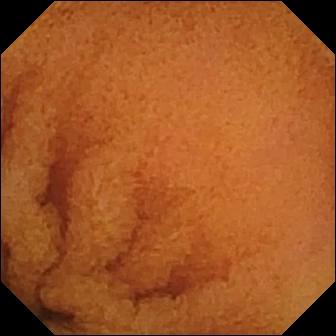WCE — normal clean mucosa.